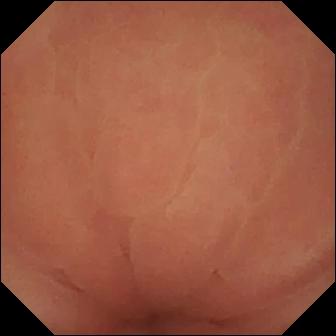Q: Where in the digestive tract was this small-bowel capsule endoscopy frame taken?
A: Pylorus region (the junction between the stomach and the small bowel).